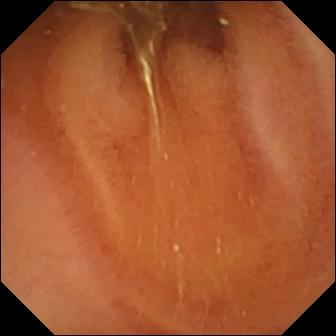WCE image showing normal clean mucosa.